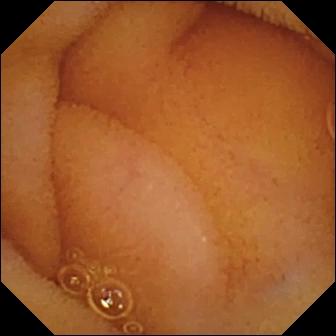Q: What does this WCE snapshot show?
A: Normal clean mucosa.